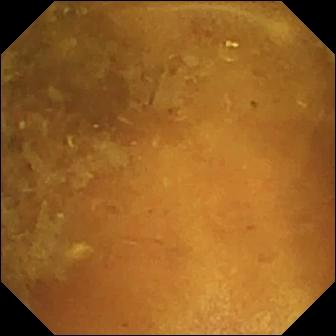modality: wireless capsule endoscopy | segment: small intestine | finding: reduced mucosal view (content or bubbles obscuring the mucosa)